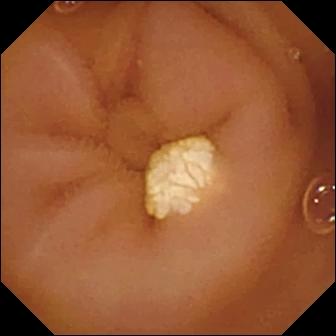Lymphangiectasia — capsule endoscopy still.